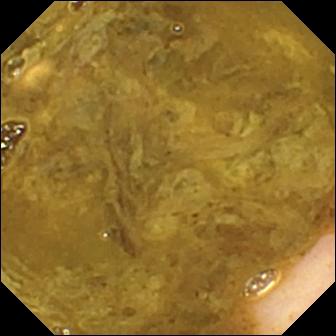Ileo-cecal valve region (where the capsule passes from the small bowel into the large bowel).